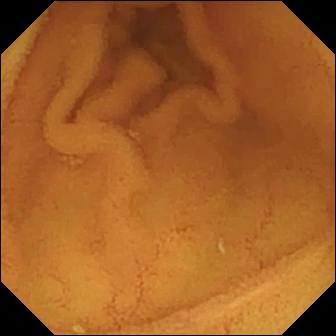Wireless capsule endoscopy still. Normal clean mucosa.